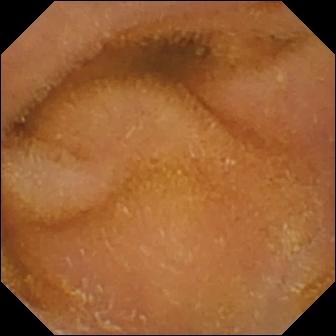Video capsule endoscopy still of the small bowel showing normal clean mucosa.